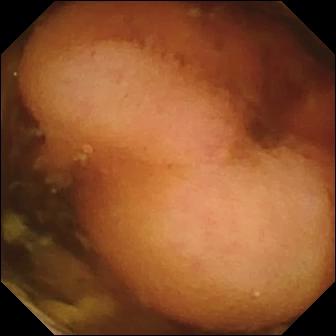Capsule endoscopy snapshot. Polyp.